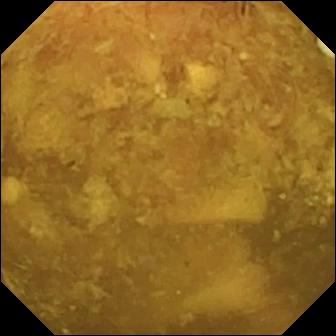modality: wireless capsule endoscopy
segment: small intestine
impression: reduced mucosal view (content or bubbles obscuring the mucosa)